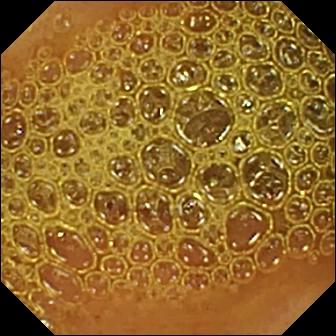Capsule endoscopy frame. Reduced mucosal view (content or bubbles obscuring the mucosa).